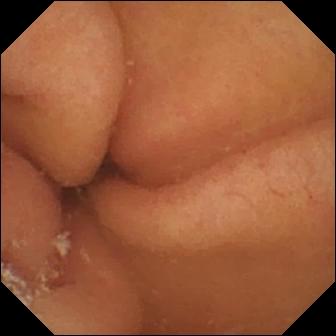WCE view
Label: pylorus region (the junction between the stomach and the small bowel)